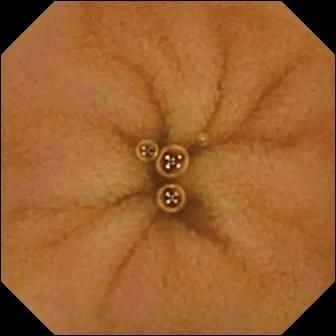{"modality": "small-bowel capsule endoscopy", "finding": "normal clean mucosa"}